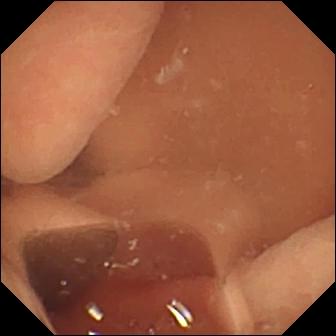Capsule endoscopy still showing normal clean mucosa.